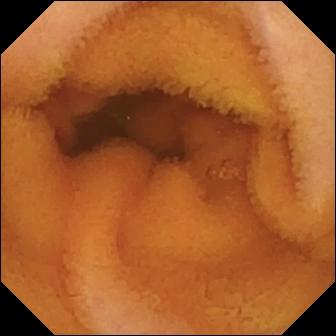Normal clean mucosa.